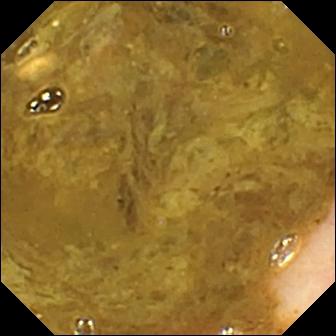Q: Where in the digestive tract was this wireless capsule endoscopy frame taken?
A: Ileo-cecal valve region (the transition from the small bowel to the large bowel).